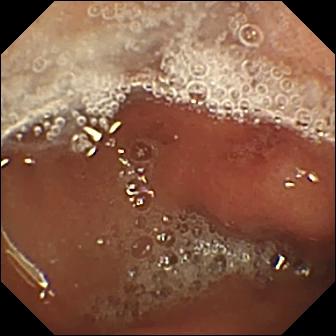modality: WCE
finding: erosion